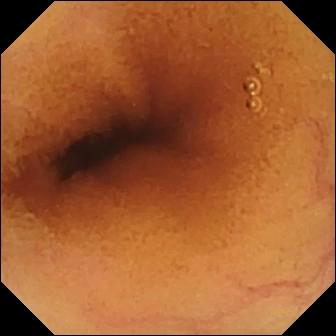Normal clean mucosa.